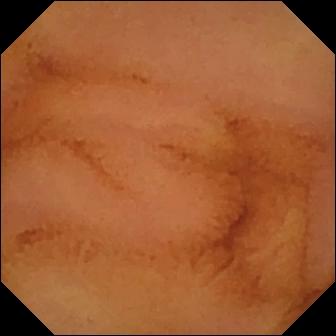Video capsule endoscopy — normal clean mucosa.